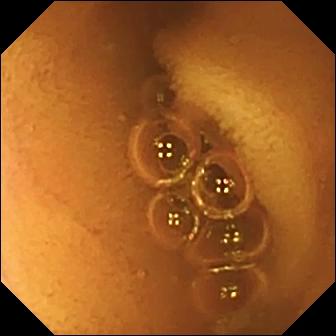PROCEDURE: Small-bowel capsule endoscopy.
SEGMENT: Small intestine.
FINDINGS: Normal clean mucosa.